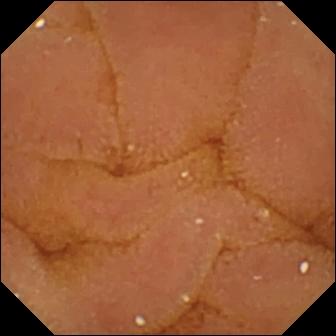WCE. Small intestine. Luminal finding. Impression: normal clean mucosa.